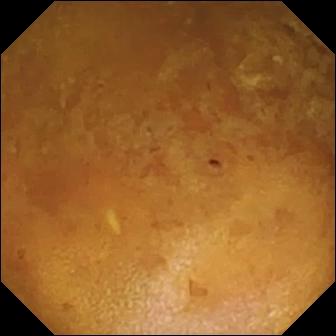Reduced mucosal view (content or bubbles obscuring the mucosa) (336×336).